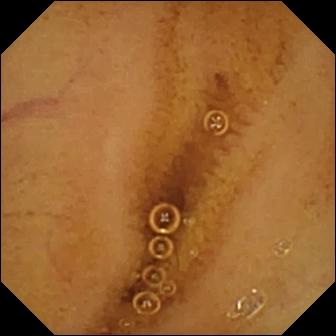- modality: small-bowel capsule endoscopy
- label: normal clean mucosa